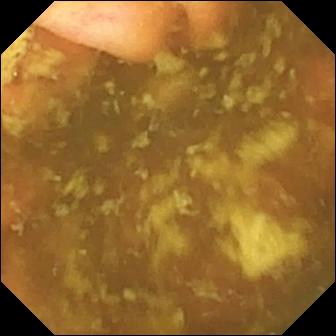Ileo-cecal valve region — VCE frame.